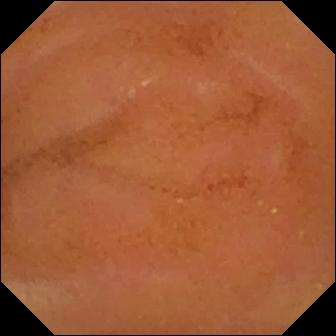modality: wireless capsule endoscopy | observation: normal clean mucosa